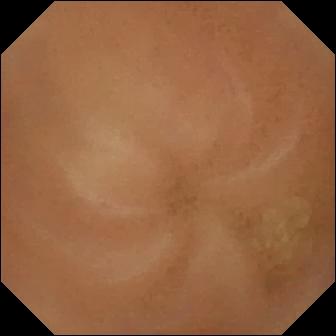Normal clean mucosa.